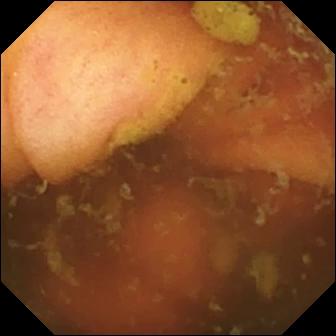Video capsule endoscopy still
Video segment: ileo-cecal valve region (where the capsule passes from the small bowel into the large bowel)